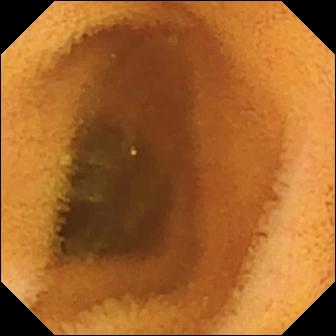Video capsule endoscopy — normal clean mucosa.